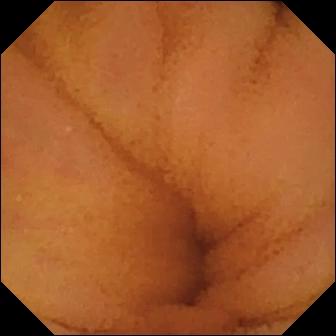This small-bowel capsule endoscopy still shows normal clean mucosa.